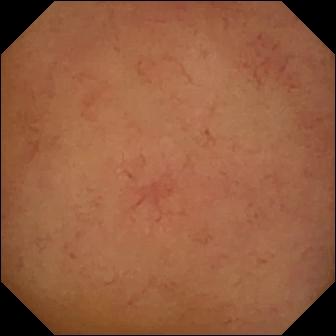Video capsule endoscopy frame showing normal clean mucosa.